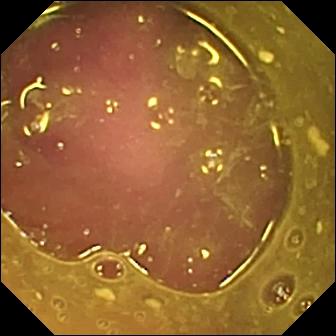Q: What does this VCE frame show?
A: Reduced mucosal view (content or bubbles obscuring the mucosa).